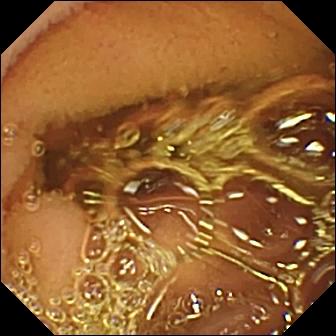Small-bowel capsule endoscopy. Luminal finding. Observation: normal clean mucosa.